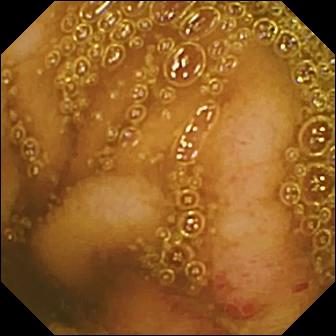Capsule endoscopy. Impression: erosion.